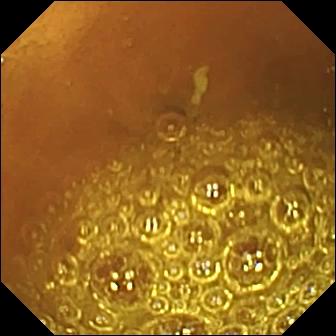VCE still showing normal clean mucosa.